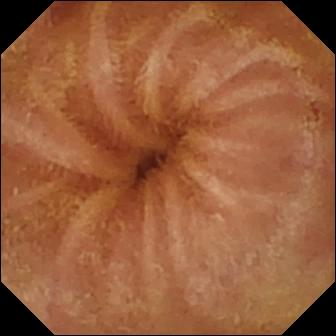Wireless capsule endoscopy snapshot
Label: normal clean mucosa